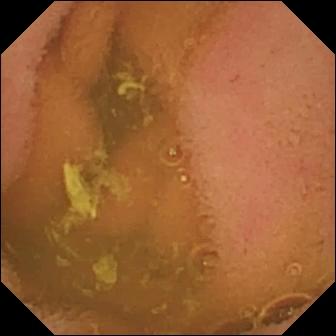Small-bowel capsule endoscopy. Small intestine. Finding: normal clean mucosa.